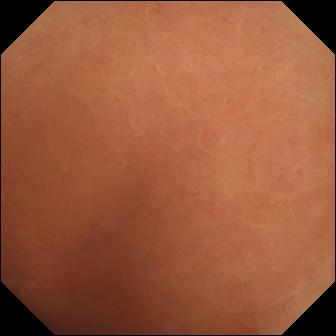Wireless capsule endoscopy frame showing normal clean mucosa.